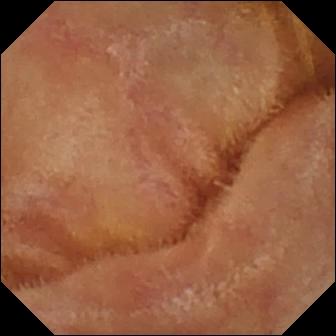Small-bowel capsule endoscopy — normal clean mucosa.